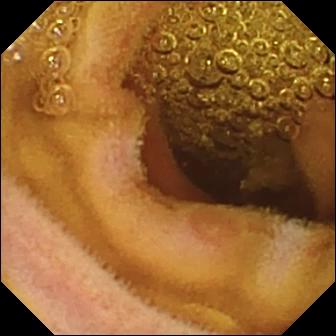Erosion.